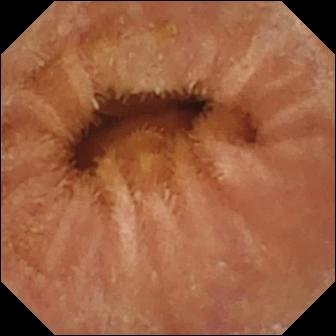PROCEDURE: WCE.
FINDINGS: Normal clean mucosa.